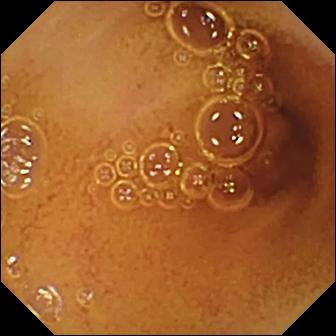PROCEDURE: Video capsule endoscopy.
FINDINGS: Normal clean mucosa.